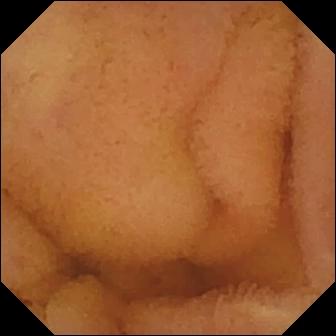Capsule endoscopy. Small intestine. Luminal finding. Finding: normal clean mucosa.